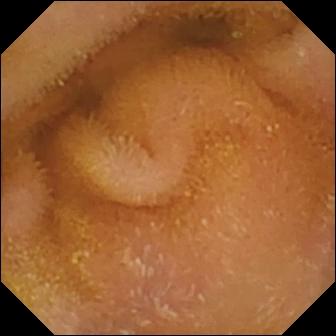Small-bowel capsule endoscopy frame, small intestine
Impression: normal clean mucosa